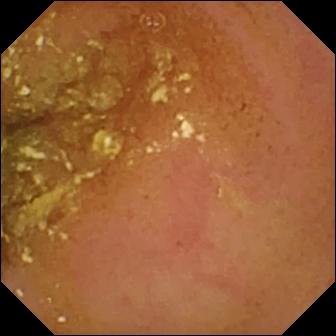Wireless capsule endoscopy snapshot of the small intestine showing normal clean mucosa.